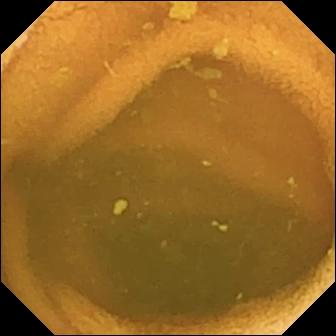Normal clean mucosa.